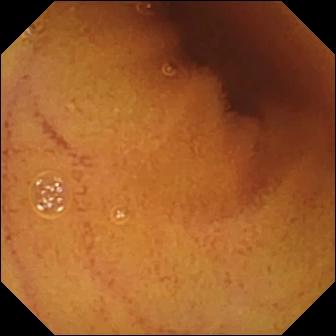Small-bowel capsule endoscopy — normal clean mucosa.